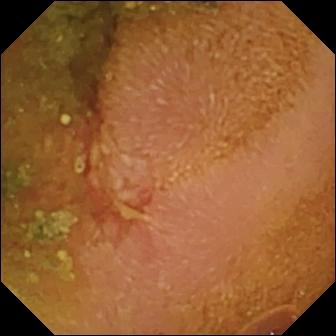Capsule endoscopy. Impression: erosion.